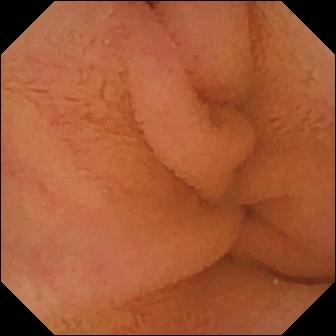PROCEDURE: WCE.
SEGMENT: Small bowel.
FINDINGS: Normal clean mucosa.